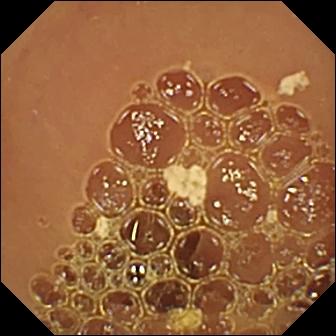Wireless capsule endoscopy frame of the small bowel showing normal clean mucosa.